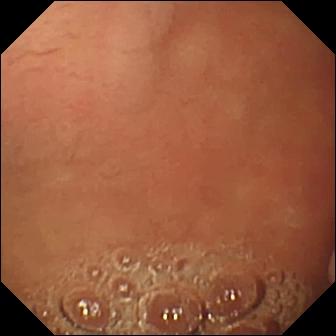modality: small-bowel capsule endoscopy | category: anatomical landmark | position: pylorus region (the junction between the stomach and the small bowel)